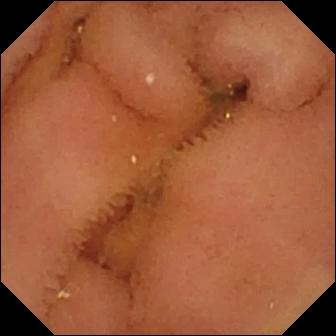modality: VCE | segment: small intestine | category: luminal finding | observation: normal clean mucosa